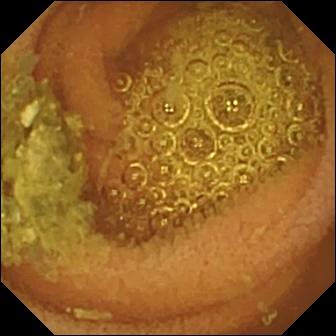PROCEDURE: Video capsule endoscopy.
SEGMENT: Small intestine.
FINDINGS: Normal clean mucosa.